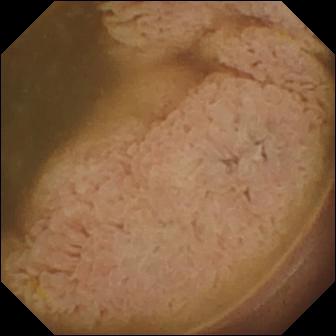{"modality": "video capsule endoscopy", "location": "ileo-cecal valve region (where the capsule passes from the small bowel into the large bowel)"}